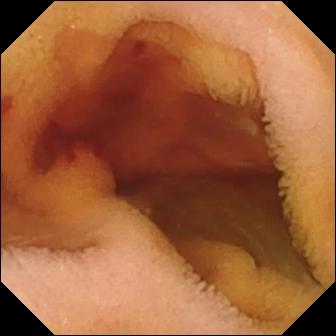- modality: VCE
- category: luminal finding
- observation: fresh blood in the lumen